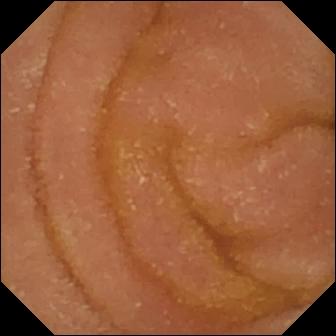Video capsule endoscopy view
Impression: normal clean mucosa